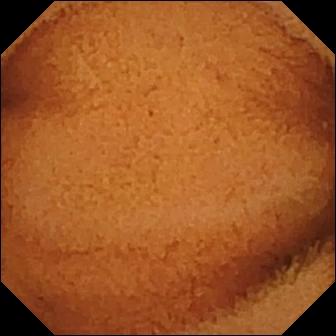- modality: capsule endoscopy
- segment: small intestine
- label: normal clean mucosa